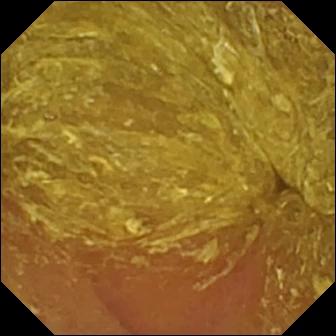Video capsule endoscopy — reduced mucosal view (content or bubbles obscuring the mucosa).